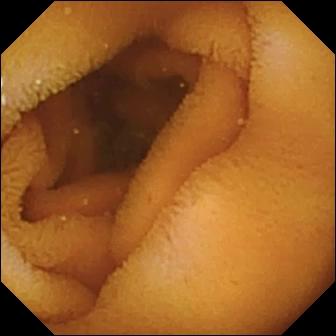Q: What does this wireless capsule endoscopy snapshot show?
A: Normal clean mucosa.